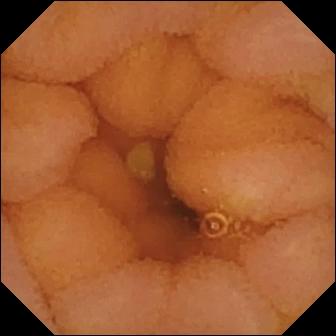Normal clean mucosa.